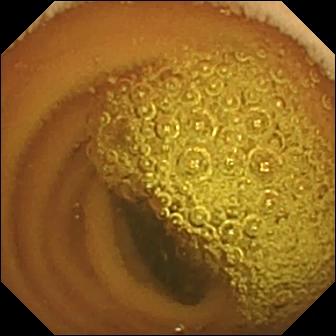Small-bowel capsule endoscopy image showing normal clean mucosa.